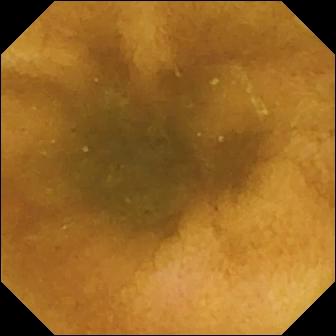Wireless capsule endoscopy. Observation: normal clean mucosa.